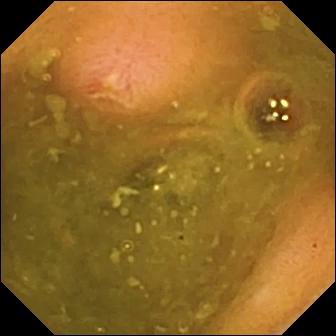PROCEDURE: VCE.
FINDINGS: Ulcer.